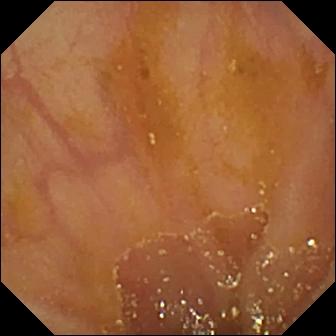Ileo-cecal valve region (where the capsule passes from the small bowel into the large bowel).